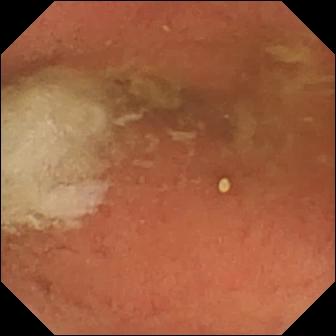This capsule endoscopy snapshot was taken in the pylorus region.